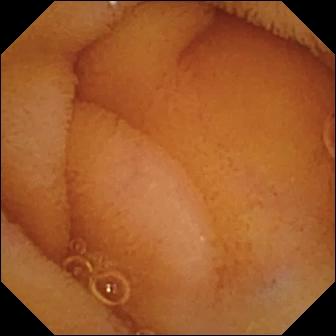Normal clean mucosa.